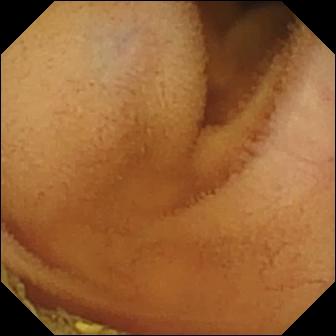Normal clean mucosa.